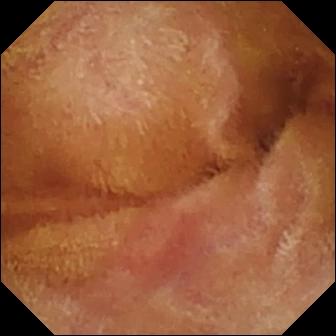Normal clean mucosa — WCE view of the small bowel.